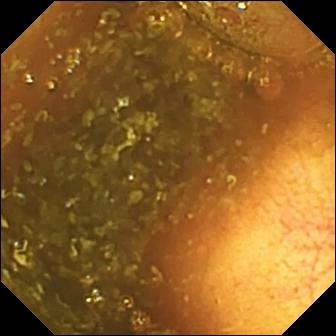VCE frame
Position: ileo-cecal valve region (the transition from the small bowel to the large bowel)